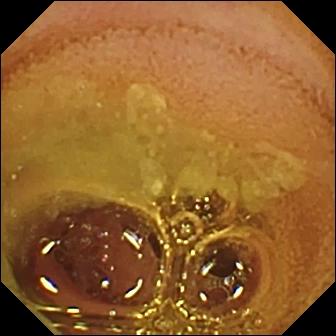Video capsule endoscopy snapshot, small bowel
Observation: normal clean mucosa